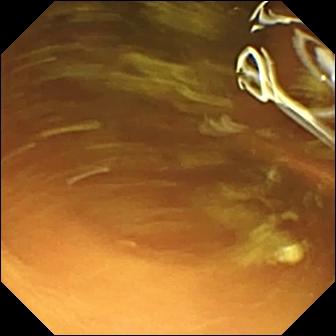- modality: small-bowel capsule endoscopy
- segment: small intestine
- label: normal clean mucosa